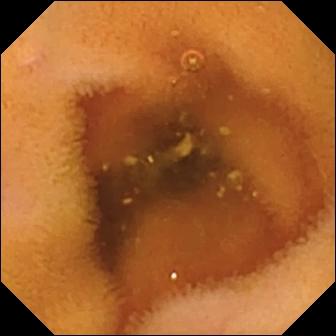- modality: wireless capsule endoscopy
- segment: small bowel
- finding: normal clean mucosa